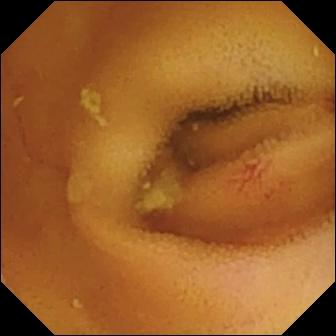WCE — angiectasia.